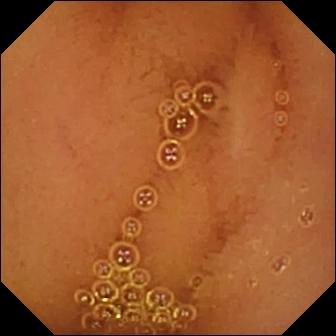VCE frame
Impression: normal clean mucosa